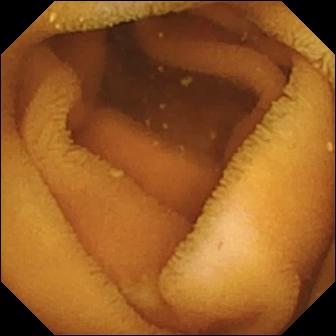PROCEDURE: Small-bowel capsule endoscopy.
FINDINGS: Normal clean mucosa.